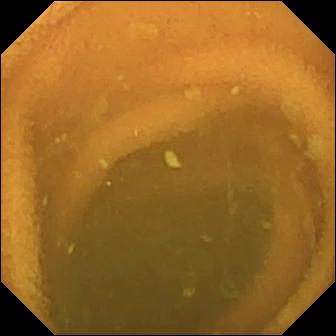Small-bowel capsule endoscopy frame, 336×336. Normal clean mucosa.